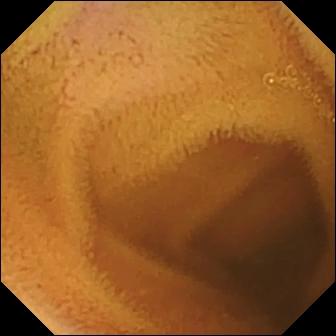- modality: capsule endoscopy
- finding: normal clean mucosa